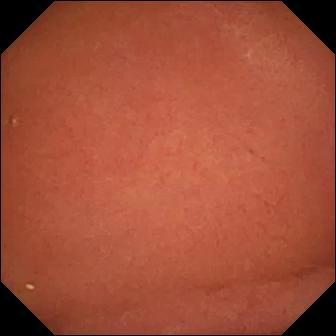PROCEDURE: Capsule endoscopy.
LOCATION: Pylorus region (the junction between the stomach and the small bowel).